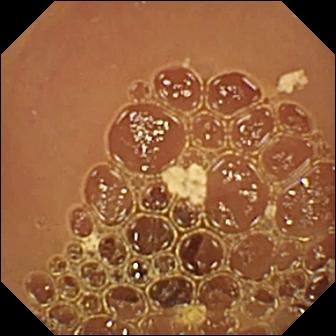PROCEDURE: Capsule endoscopy.
FINDINGS: Normal clean mucosa.